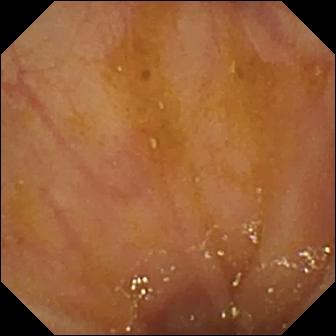PROCEDURE: Small-bowel capsule endoscopy.
POSITION: Ileo-cecal valve region (the transition from the small bowel to the large bowel).